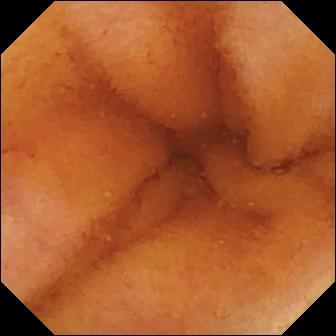Normal clean mucosa.